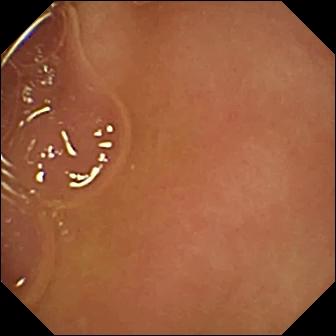Pylorus region.